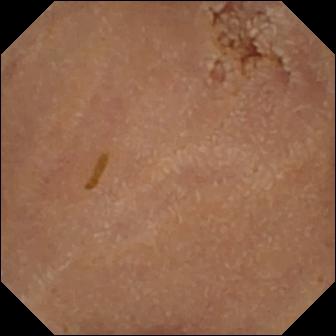WCE. Small bowel. Observation: normal clean mucosa.